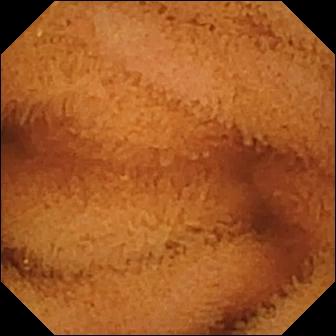Normal clean mucosa — small-bowel capsule endoscopy frame.